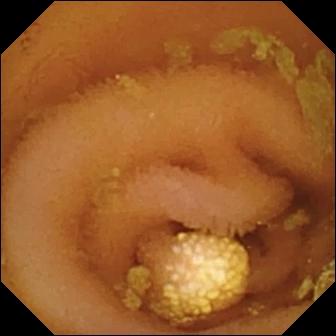Lymphangiectasia.